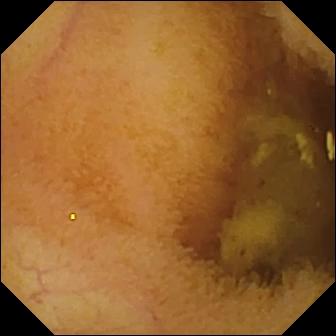This video capsule endoscopy still shows normal clean mucosa.